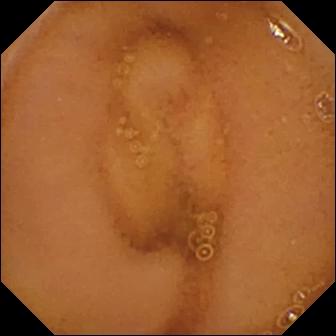VCE. Impression: normal clean mucosa.